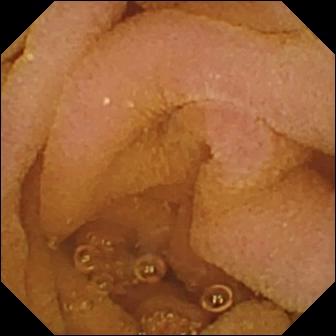Q: What does this capsule endoscopy still of the small intestine show?
A: Normal clean mucosa.